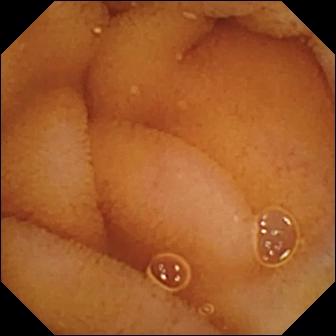- modality: video capsule endoscopy
- segment: small intestine
- category: luminal finding
- label: normal clean mucosa